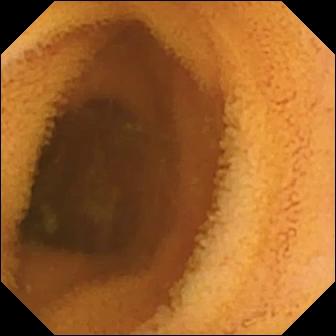VCE. Luminal finding. Impression: normal clean mucosa.